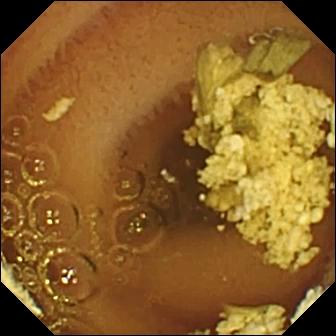- modality: capsule endoscopy
- impression: normal clean mucosa